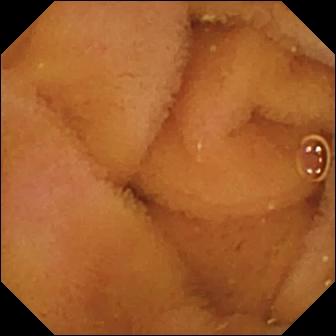Capsule endoscopy — normal clean mucosa.